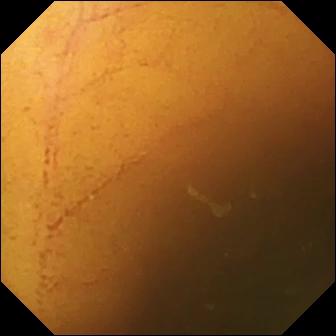Video capsule endoscopy — normal clean mucosa.